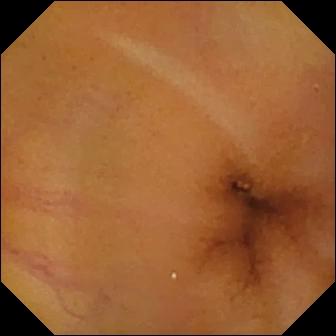Normal clean mucosa — wireless capsule endoscopy view.